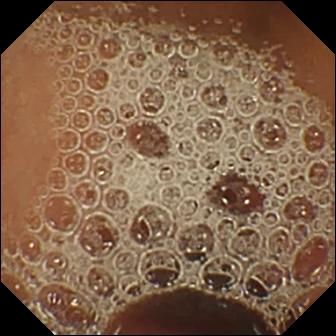Wireless capsule endoscopy — normal clean mucosa.